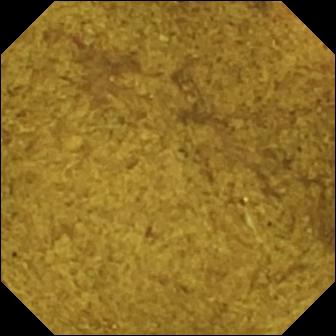This WCE image was taken in the ileo-cecal valve region (where the capsule passes from the small bowel into the large bowel).